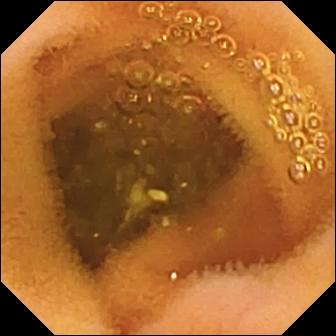Capsule endoscopy. Small intestine. Luminal finding. Label: normal clean mucosa.